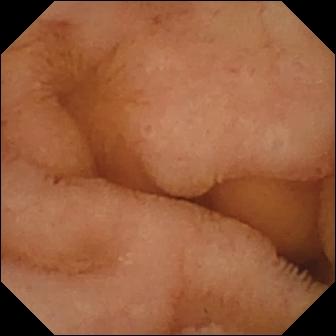PROCEDURE: Video capsule endoscopy.
FINDINGS: Normal clean mucosa.